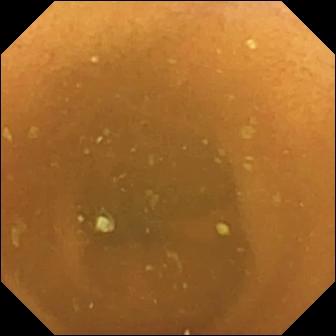VCE frame
Finding: normal clean mucosa